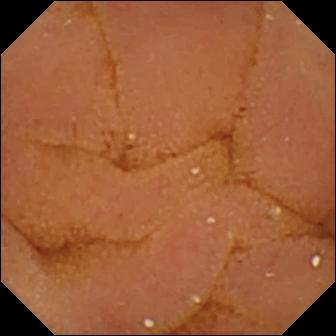PROCEDURE: VCE.
FINDINGS: Normal clean mucosa.